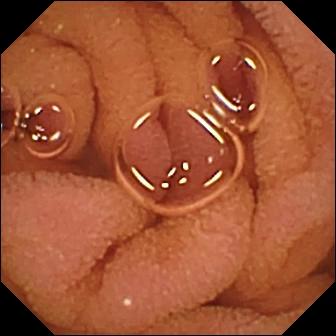Small-bowel capsule endoscopy snapshot of the small bowel showing normal clean mucosa.